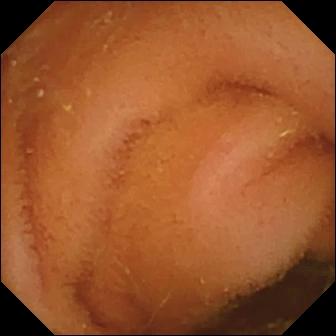This small-bowel capsule endoscopy frame shows normal clean mucosa.